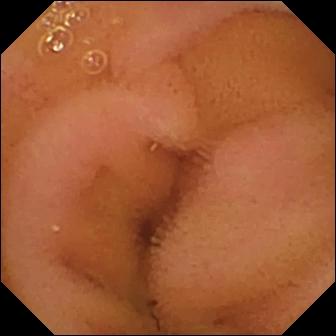Normal clean mucosa.